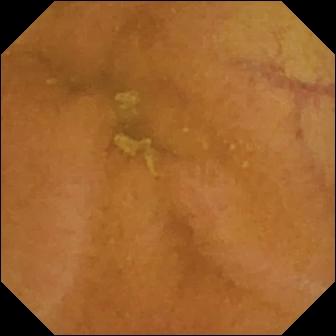This video capsule endoscopy still shows normal clean mucosa.